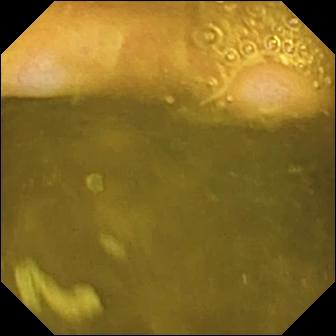Ileo-cecal valve region (where the capsule passes from the small bowel into the large bowel).